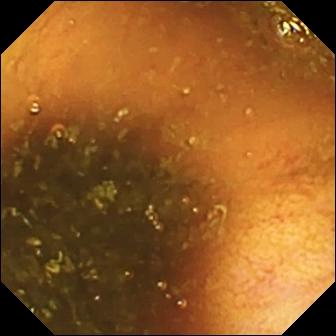PROCEDURE: Small-bowel capsule endoscopy.
LOCATION: Ileo-cecal valve region.